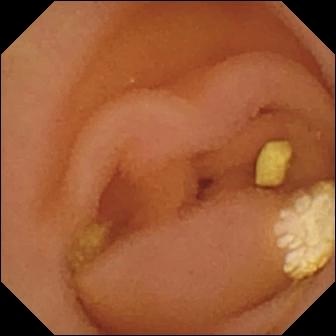Lymphangiectasia.